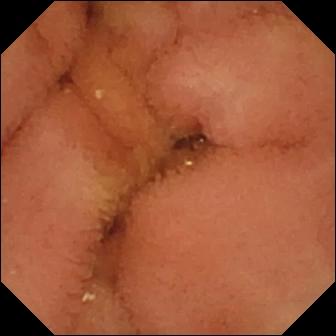Q: What does this WCE still of the small intestine show?
A: Normal clean mucosa.